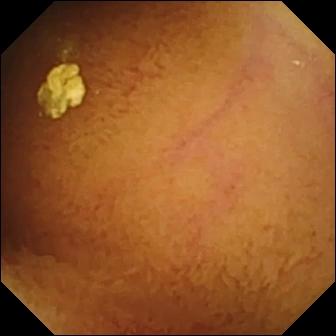Capsule endoscopy. Small bowel. Luminal finding. Impression: normal clean mucosa.